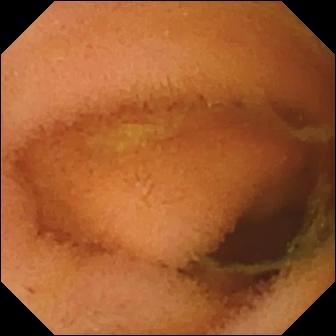PROCEDURE: Small-bowel capsule endoscopy.
FINDINGS: Normal clean mucosa.